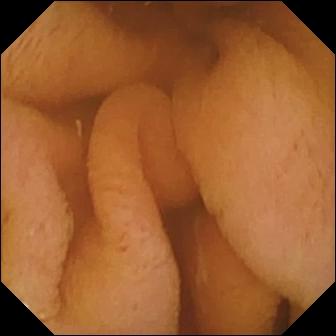Normal clean mucosa — capsule endoscopy still of the small bowel.